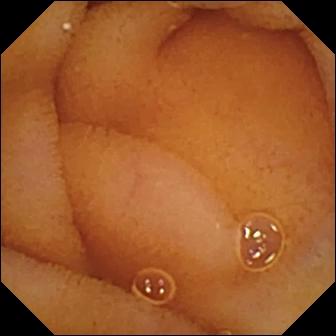Normal clean mucosa.